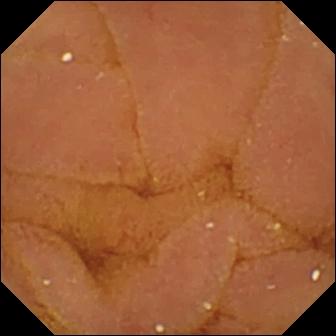PROCEDURE: Wireless capsule endoscopy.
SEGMENT: Small bowel.
FINDINGS: Normal clean mucosa.